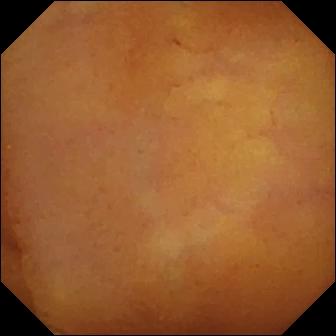Normal clean mucosa — WCE image.